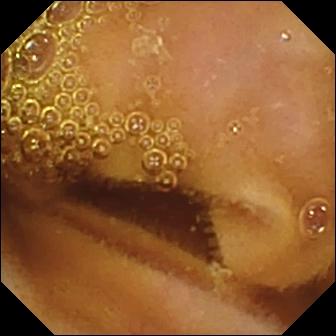{"modality": "small-bowel capsule endoscopy", "segment": "small bowel", "finding": "normal clean mucosa"}